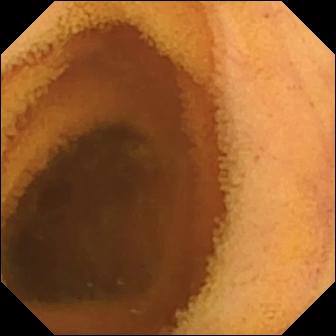VCE snapshot (small bowel). Normal clean mucosa.